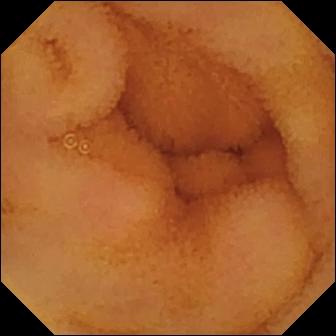VCE. Small bowel. Observation: normal clean mucosa.